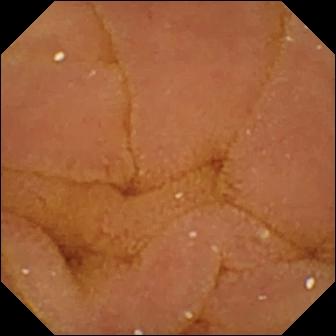This capsule endoscopy image of the small intestine shows normal clean mucosa.